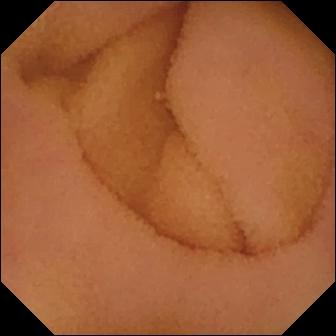Capsule endoscopy. Small intestine. Label: normal clean mucosa.